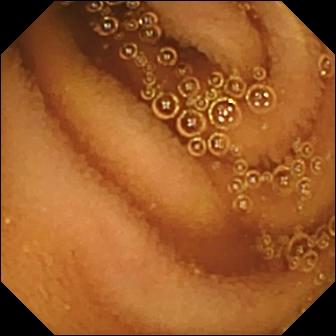Video capsule endoscopy still (small intestine). Normal clean mucosa.